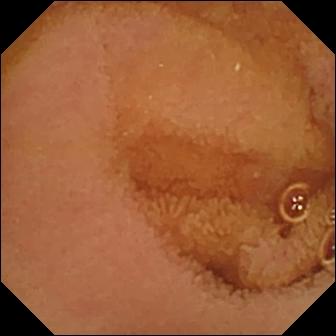- modality: video capsule endoscopy
- segment: small intestine
- observation: normal clean mucosa